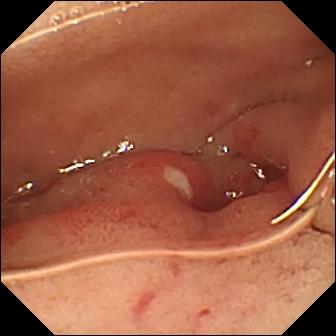Video capsule endoscopy view showing ulcer.